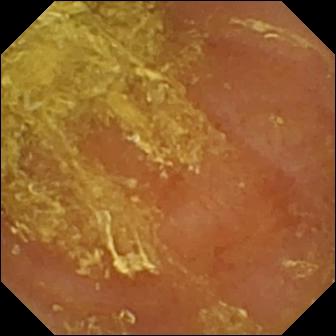Small-bowel capsule endoscopy view, small bowel
Finding: reduced mucosal view (content or bubbles obscuring the mucosa)